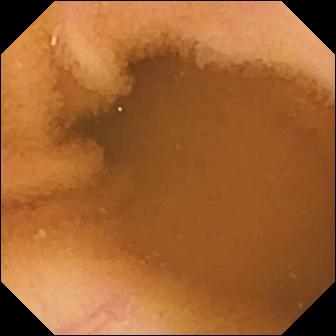- modality: VCE
- segment: small bowel
- impression: normal clean mucosa